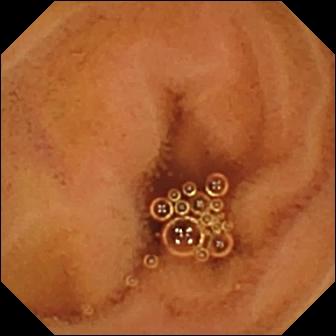PROCEDURE: VCE.
FINDINGS: Normal clean mucosa.